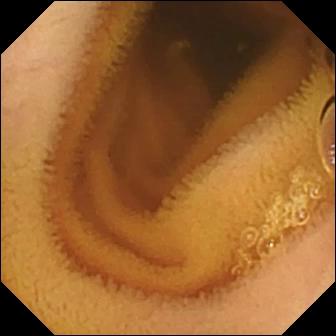PROCEDURE: Small-bowel capsule endoscopy.
FINDINGS: Normal clean mucosa.